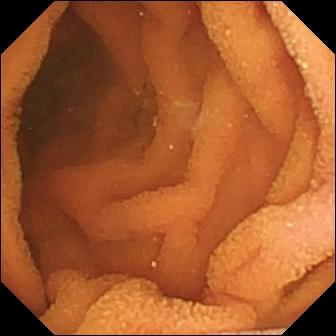This small-bowel capsule endoscopy snapshot of the small bowel shows normal clean mucosa.